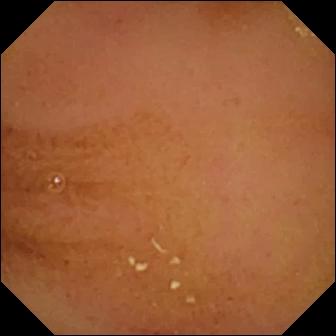Q: What does this capsule endoscopy still of the small bowel show?
A: Normal clean mucosa.